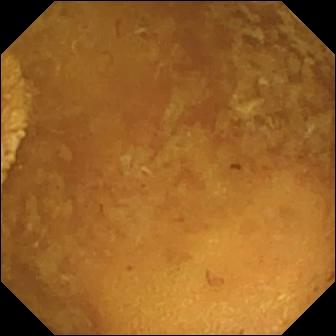Q: What does this wireless capsule endoscopy image show?
A: Reduced mucosal view (content or bubbles obscuring the mucosa).